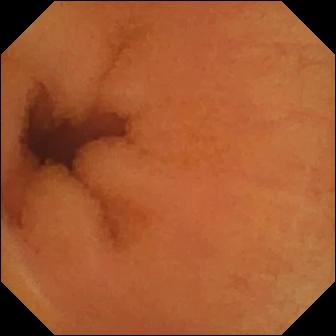Q: What does this WCE frame of the small bowel show?
A: Normal clean mucosa.